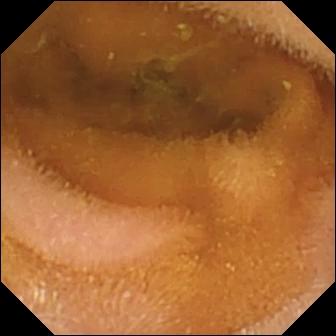Small-bowel capsule endoscopy view showing normal clean mucosa.